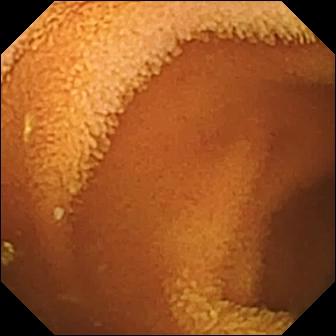This wireless capsule endoscopy view of the small bowel shows normal clean mucosa.